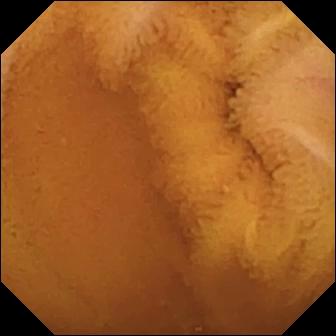PROCEDURE: WCE.
FINDINGS: Normal clean mucosa.